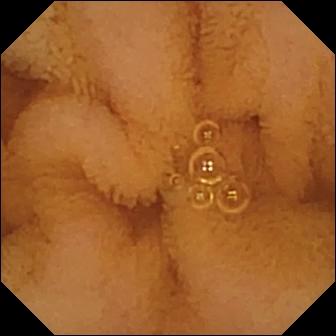Small-bowel capsule endoscopy — normal clean mucosa.